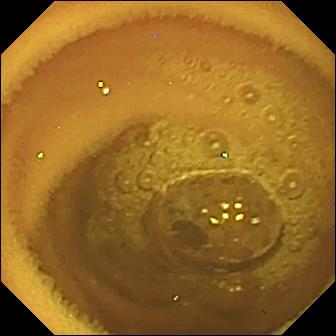WCE frame, 336×336. Normal clean mucosa.